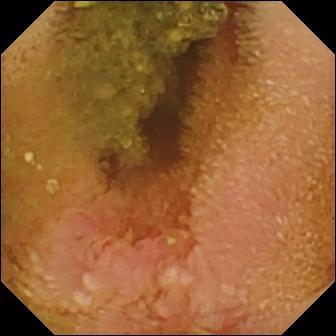Capsule endoscopy still, 336×336. Erosion.